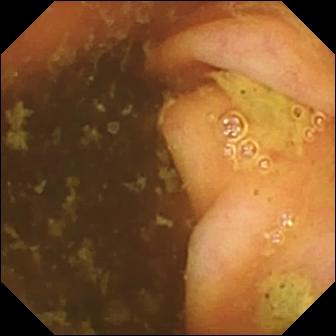Capsule endoscopy snapshot taken in the ileo-cecal valve region (the transition from the small bowel to the large bowel).